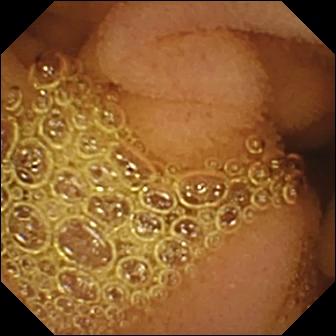Small-bowel capsule endoscopy. Small bowel. Luminal finding. Label: normal clean mucosa.